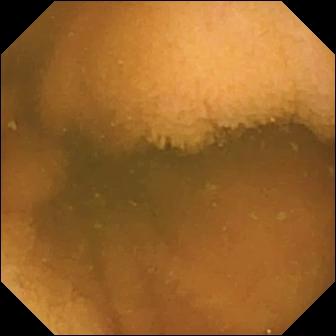Normal clean mucosa — capsule endoscopy still.